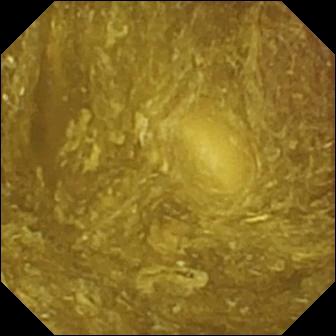- modality: VCE
- segment: small bowel
- observation: reduced mucosal view (content or bubbles obscuring the mucosa)